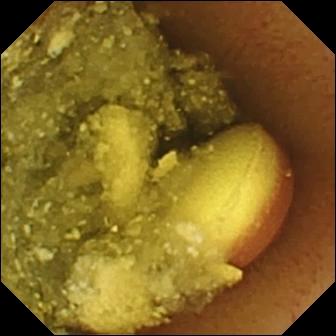modality: wireless capsule endoscopy; observation: foreign body (e.g. retained capsule, tablet residue)